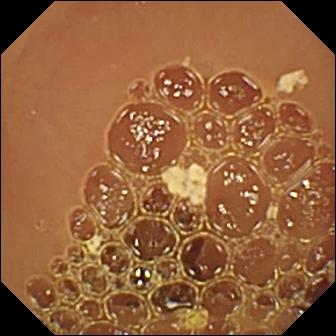modality: capsule endoscopy
label: normal clean mucosa